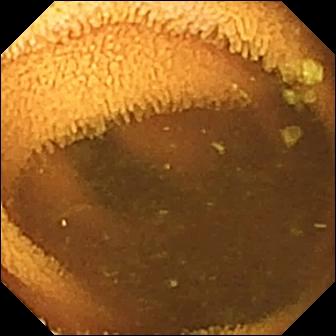Q: What does this WCE still of the small bowel show?
A: Normal clean mucosa.